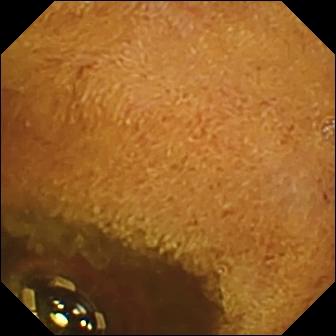Foreign body (e.g. retained capsule, tablet residue) (336×336).